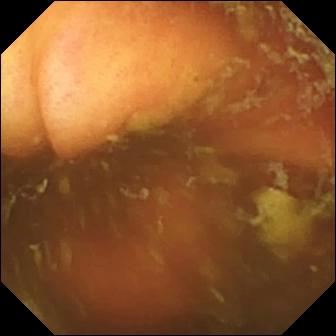Wireless capsule endoscopy still. Taken in the ileo-cecal valve region (where the capsule passes from the small bowel into the large bowel).